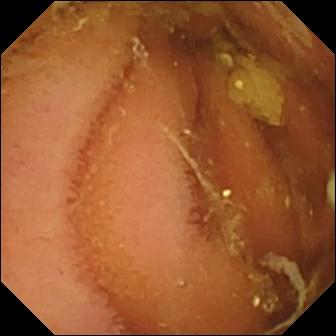Normal clean mucosa (336×336).